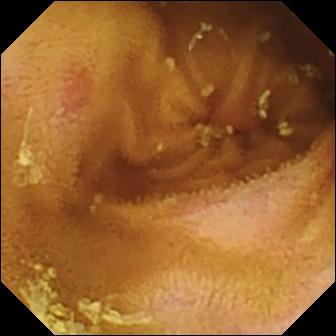Capsule endoscopy frame. Erosion.